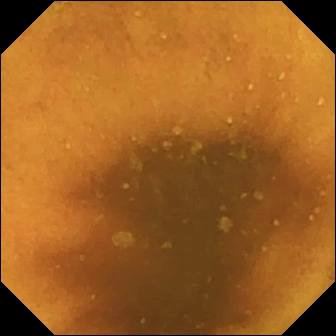Capsule endoscopy — normal clean mucosa.